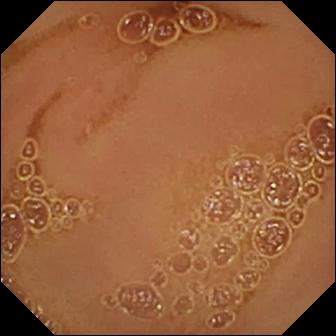Capsule endoscopy — normal clean mucosa.